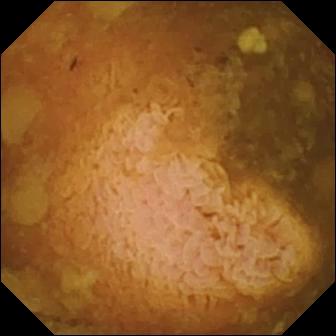PROCEDURE: Wireless capsule endoscopy.
SEGMENT: Small bowel.
FINDINGS: Reduced mucosal view (content or bubbles obscuring the mucosa).